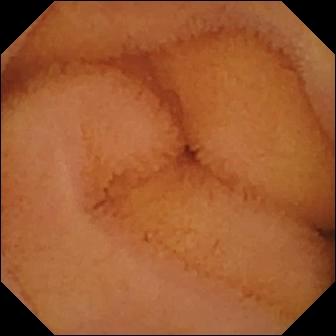- modality: video capsule endoscopy
- category: luminal finding
- impression: normal clean mucosa